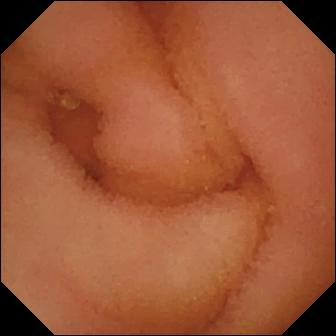{"modality": "video capsule endoscopy", "category": "luminal finding", "finding": "normal clean mucosa"}